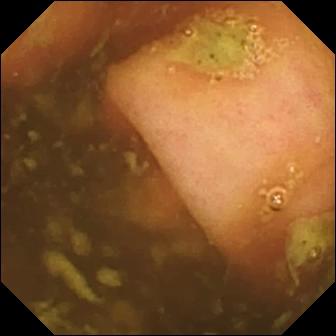- modality: video capsule endoscopy
- category: anatomical landmark
- position: ileo-cecal valve region